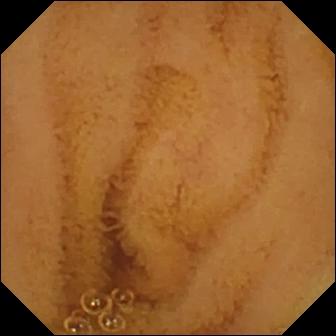Normal clean mucosa.